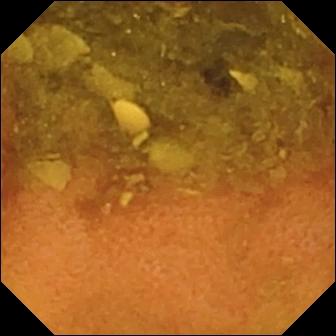{"modality": "wireless capsule endoscopy", "category": "luminal finding", "finding": "normal clean mucosa"}